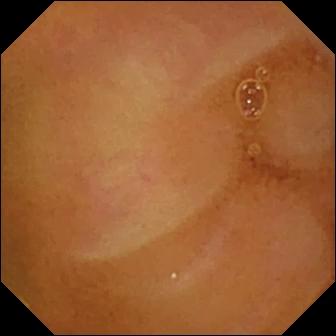modality: capsule endoscopy
segment: small intestine
observation: normal clean mucosa